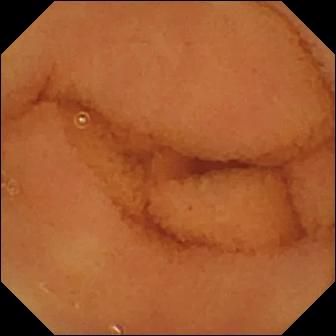PROCEDURE: VCE.
SEGMENT: Small bowel.
FINDINGS: Normal clean mucosa.